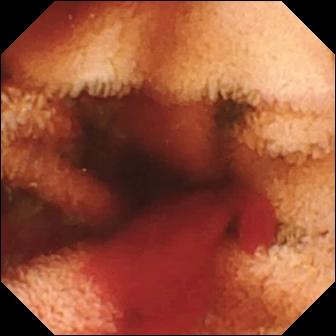This WCE view shows fresh blood in the lumen.